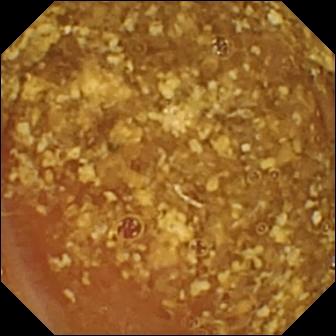WCE. Small bowel. Luminal finding. Observation: reduced mucosal view (content or bubbles obscuring the mucosa).